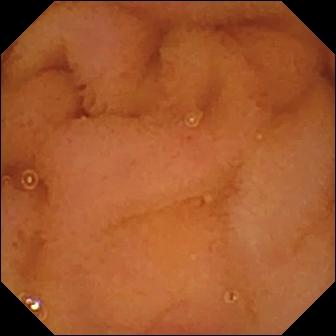PROCEDURE: Capsule endoscopy.
FINDINGS: Normal clean mucosa.